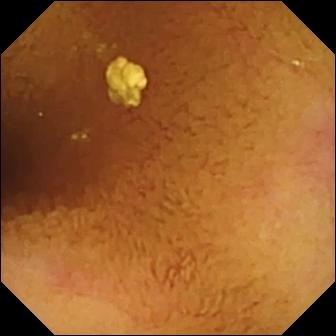modality: capsule endoscopy; category: luminal finding; label: normal clean mucosa